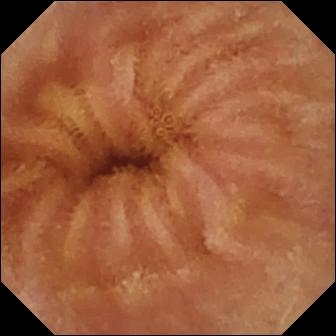modality: VCE | category: luminal finding | label: normal clean mucosa